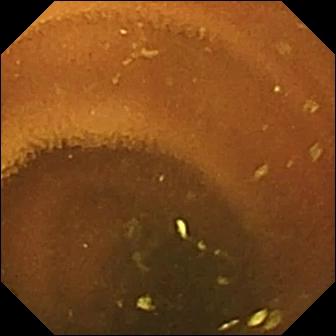VCE snapshot of the small intestine showing normal clean mucosa.